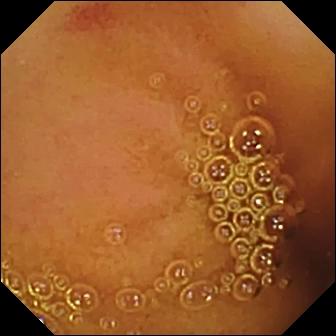Angiectasia — VCE snapshot.